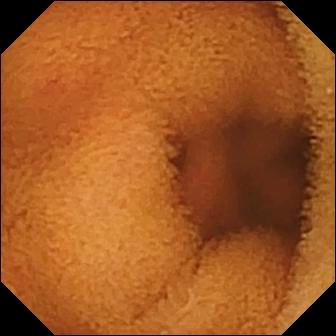Video capsule endoscopy snapshot (small bowel). Normal clean mucosa.